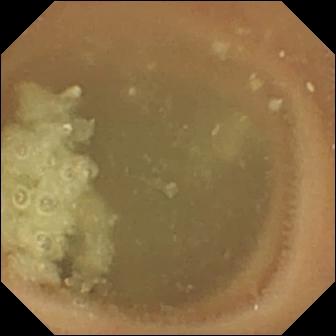Normal clean mucosa.